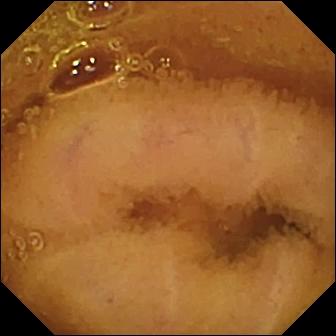VCE image (small bowel). Normal clean mucosa.